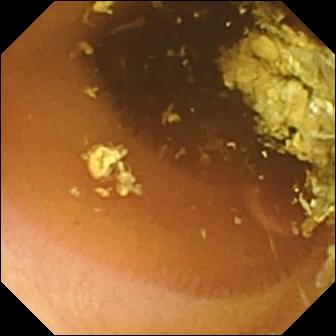Wireless capsule endoscopy still
Observation: normal clean mucosa